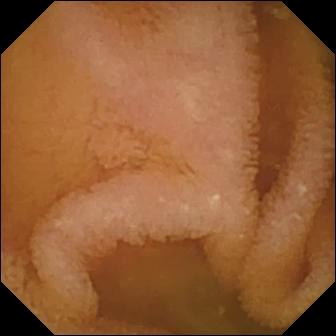Q: What does this capsule endoscopy frame of the small intestine show?
A: Normal clean mucosa.